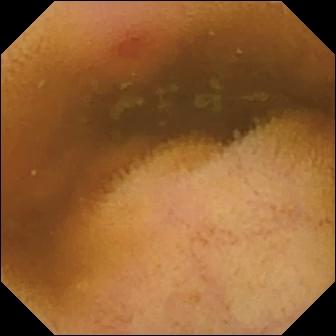Erythema (mucosal redness).